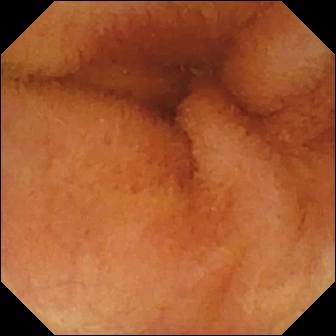WCE. Luminal finding. Observation: normal clean mucosa.